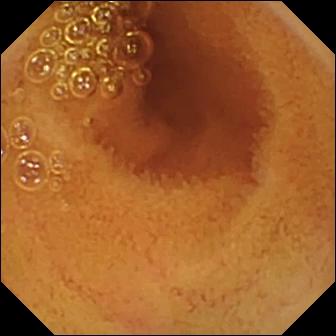modality: wireless capsule endoscopy
segment: small bowel
category: luminal finding
impression: normal clean mucosa